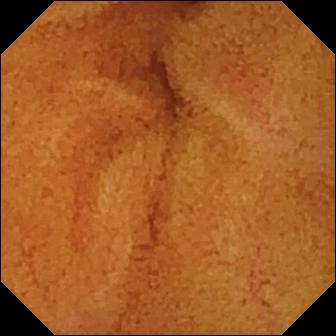- modality: capsule endoscopy
- segment: small intestine
- label: normal clean mucosa